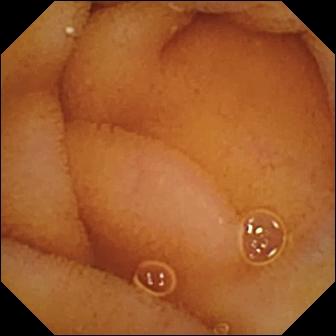WCE — normal clean mucosa.